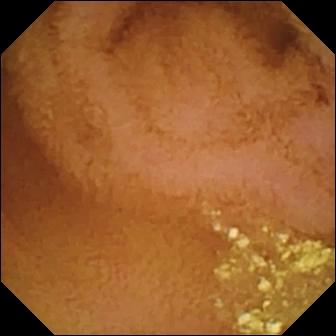Q: What does this wireless capsule endoscopy frame show?
A: Normal clean mucosa.